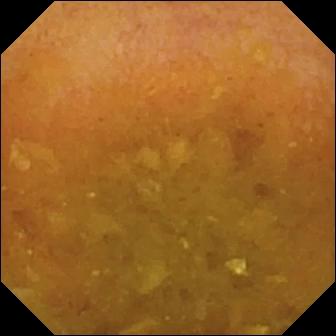VCE. Finding: reduced mucosal view (content or bubbles obscuring the mucosa).